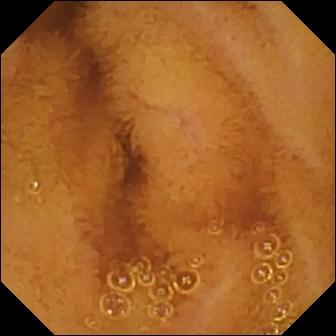Wireless capsule endoscopy still (small intestine). Normal clean mucosa.